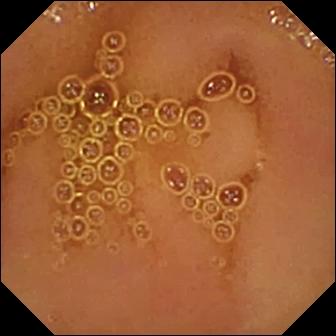Q: What does this small-bowel capsule endoscopy still of the small bowel show?
A: Normal clean mucosa.